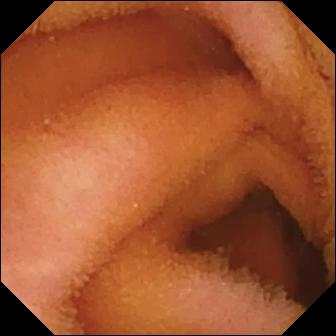{"modality": "wireless capsule endoscopy", "finding": "normal clean mucosa"}